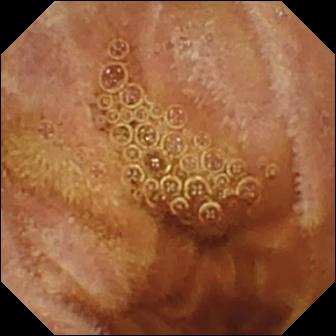PROCEDURE: Small-bowel capsule endoscopy.
FINDINGS: Normal clean mucosa.